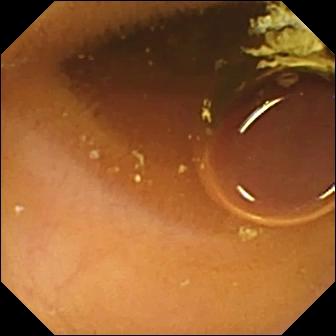PROCEDURE: WCE.
FINDINGS: Normal clean mucosa.